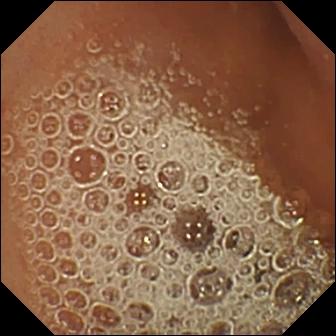{"modality": "wireless capsule endoscopy", "finding": "normal clean mucosa"}